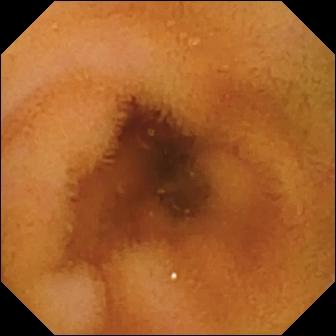VCE. Label: normal clean mucosa.